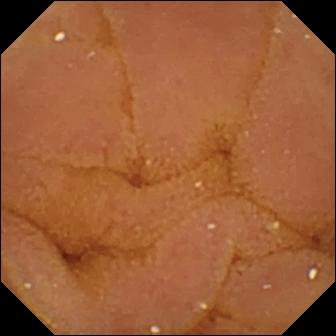PROCEDURE: Capsule endoscopy.
SEGMENT: Small bowel.
FINDINGS: Normal clean mucosa.